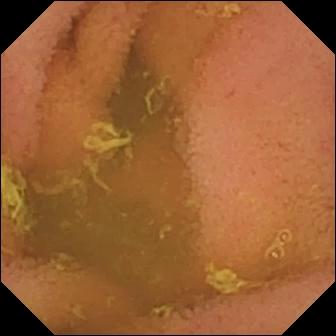WCE — normal clean mucosa.